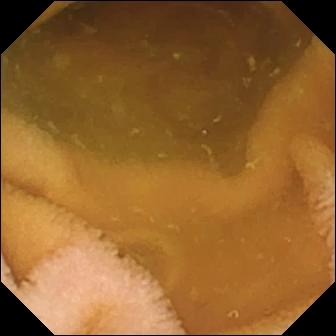VCE — normal clean mucosa.